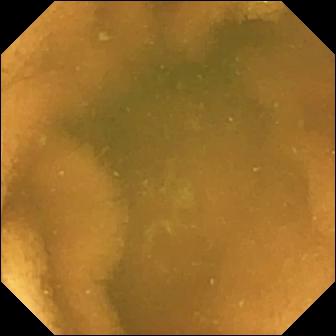Normal clean mucosa (336×336).